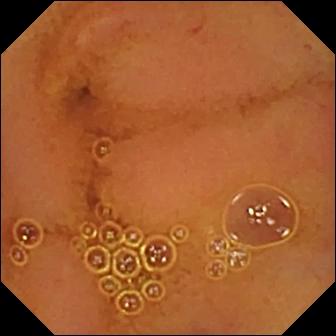Normal clean mucosa.